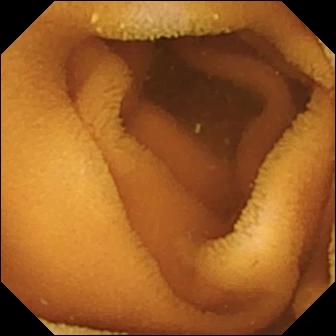PROCEDURE: Small-bowel capsule endoscopy.
FINDINGS: Normal clean mucosa.